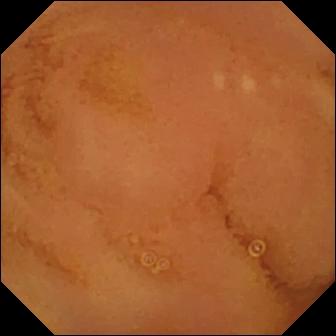This VCE view of the small bowel shows normal clean mucosa.